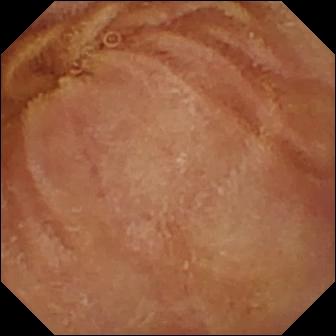Q: What does this wireless capsule endoscopy view show?
A: Normal clean mucosa.